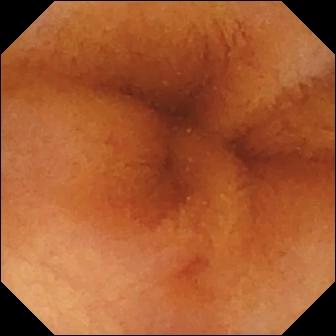Capsule endoscopy still. Normal clean mucosa.